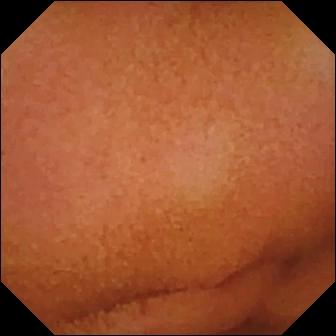This WCE still of the small bowel shows normal clean mucosa.